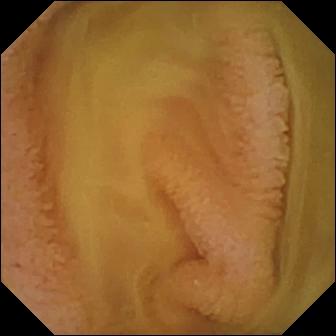Wireless capsule endoscopy. Small intestine. Impression: normal clean mucosa.